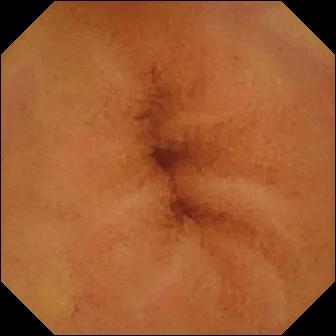Wireless capsule endoscopy — normal clean mucosa.